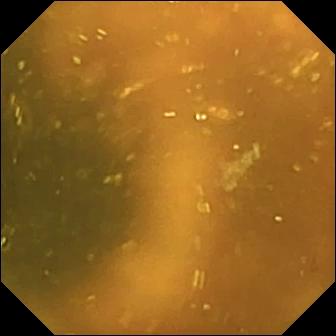Wireless capsule endoscopy frame. Taken in the ileo-cecal valve region.